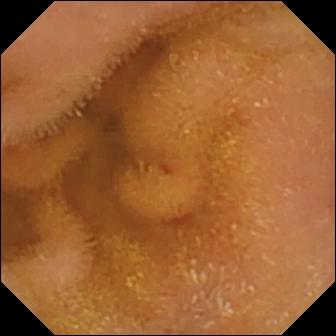WCE frame, small bowel
Observation: normal clean mucosa